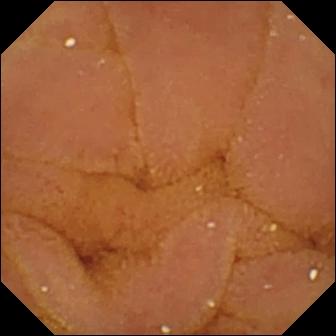Q: What does this wireless capsule endoscopy image of the small bowel show?
A: Normal clean mucosa.